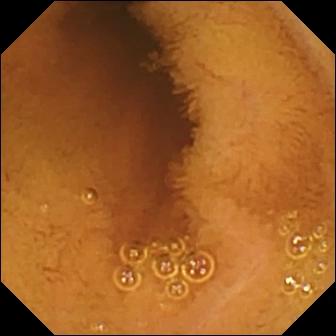This capsule endoscopy view shows normal clean mucosa.